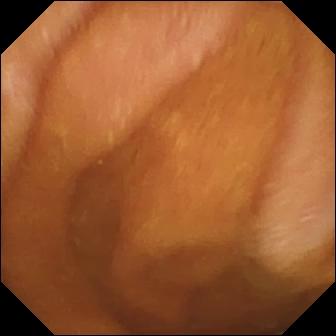This video capsule endoscopy still shows normal clean mucosa.